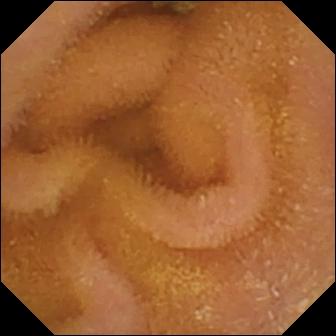Capsule endoscopy — normal clean mucosa.